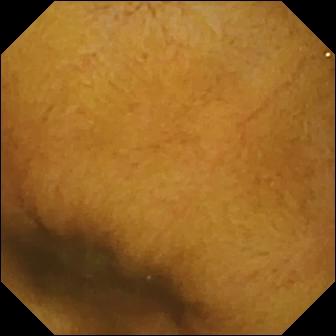Normal clean mucosa.